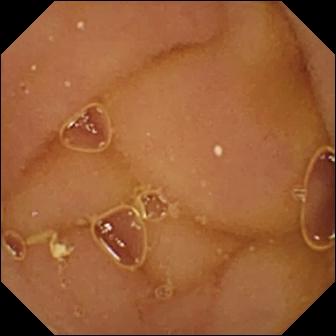Wireless capsule endoscopy — normal clean mucosa.